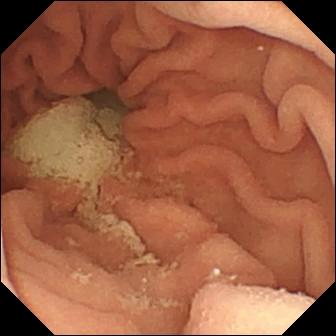This small-bowel capsule endoscopy view was taken in the pylorus region (where the capsule passes from the stomach into the small bowel).